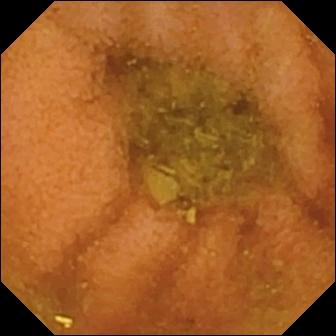This capsule endoscopy view of the small bowel shows normal clean mucosa.